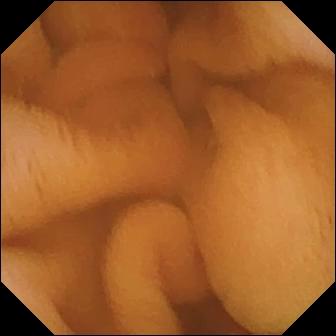PROCEDURE: VCE.
FINDINGS: Normal clean mucosa.